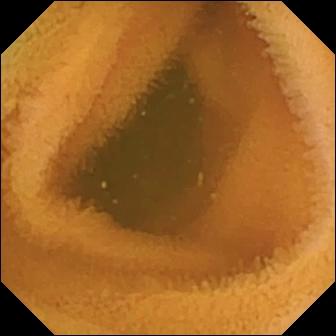Q: What does this small-bowel capsule endoscopy snapshot show?
A: Normal clean mucosa.